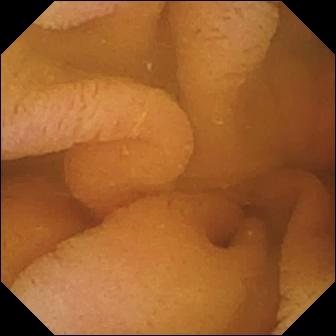Normal clean mucosa — small-bowel capsule endoscopy snapshot.